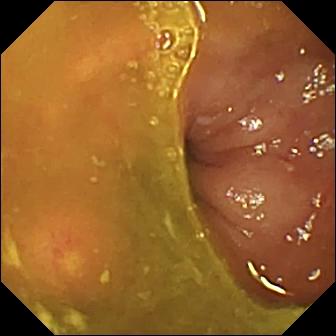{"modality": "VCE", "finding": "erosion"}